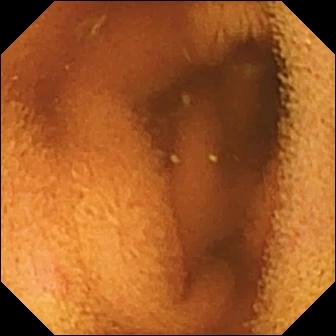Small-bowel capsule endoscopy — normal clean mucosa.